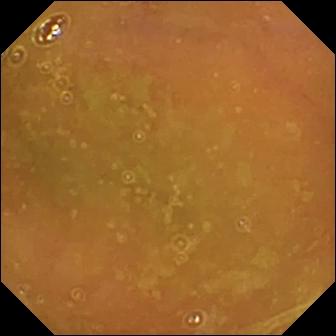Q: What does this WCE frame of the small intestine show?
A: Normal clean mucosa.